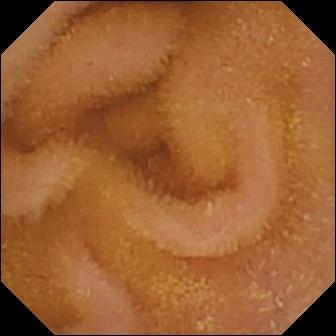Normal clean mucosa — video capsule endoscopy still of the small intestine.